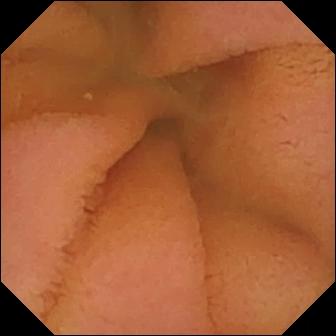Normal clean mucosa.